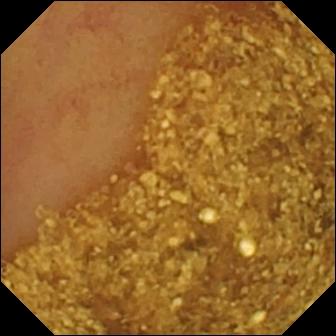Small-bowel capsule endoscopy still
Position: ileo-cecal valve region (the transition from the small bowel to the large bowel)